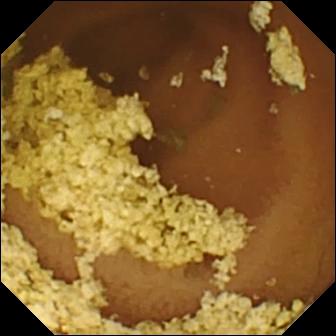WCE still (small intestine), 336×336. Normal clean mucosa.